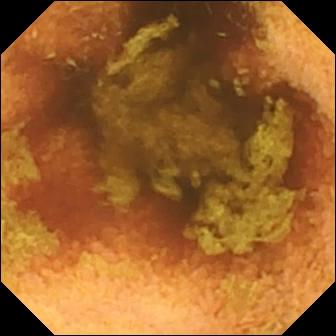VCE view
Finding: normal clean mucosa